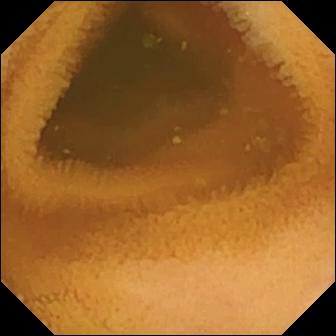Wireless capsule endoscopy. Observation: normal clean mucosa.